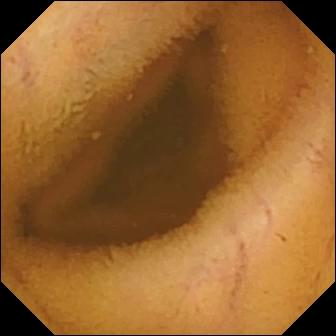modality: capsule endoscopy; segment: small intestine; observation: normal clean mucosa